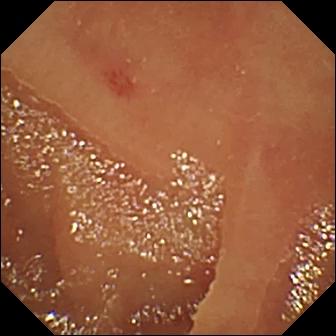Capsule endoscopy. Luminal finding. Impression: angiectasia.